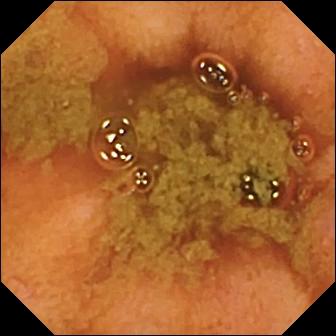modality: VCE
category: anatomical landmark
label: ileo-cecal valve region (where the capsule passes from the small bowel into the large bowel)